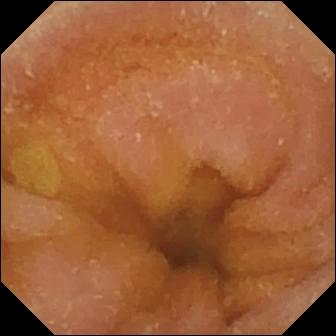This WCE still shows normal clean mucosa.